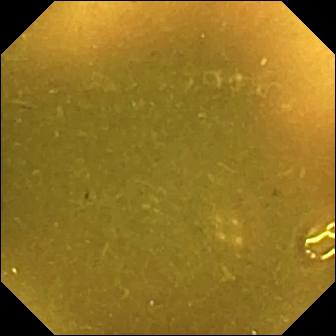Capsule endoscopy image taken in the ileo-cecal valve region (the transition from the small bowel to the large bowel).